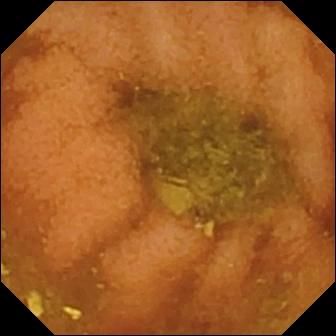WCE. Impression: normal clean mucosa.